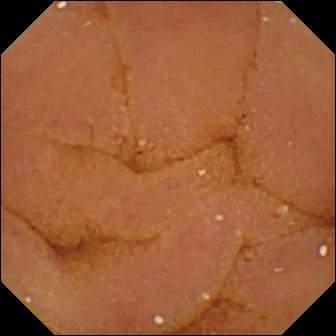- modality: video capsule endoscopy
- impression: normal clean mucosa